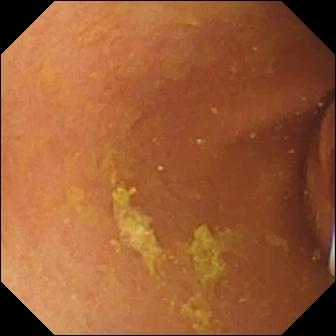PROCEDURE: WCE.
FINDINGS: Foreign body (e.g. retained capsule, tablet residue).